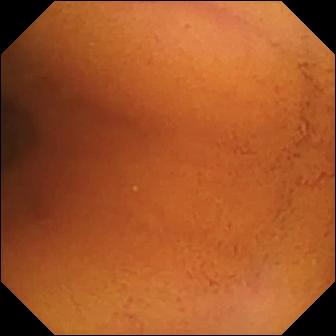{"modality": "small-bowel capsule endoscopy", "segment": "small intestine", "finding": "normal clean mucosa"}